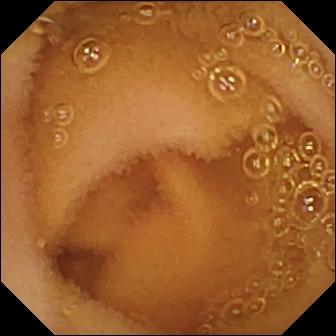WCE. Small bowel. Label: normal clean mucosa.